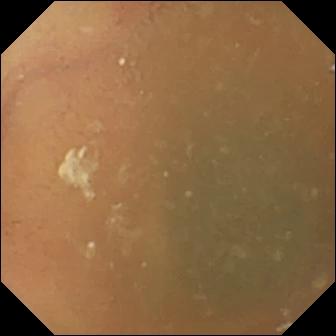Q: What does this video capsule endoscopy still of the small bowel show?
A: Normal clean mucosa.